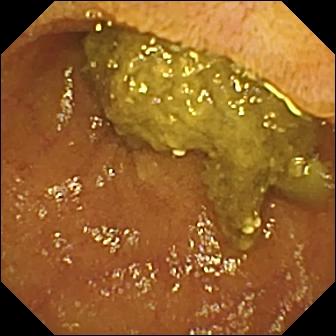VCE snapshot
Location: ileo-cecal valve region (where the capsule passes from the small bowel into the large bowel)